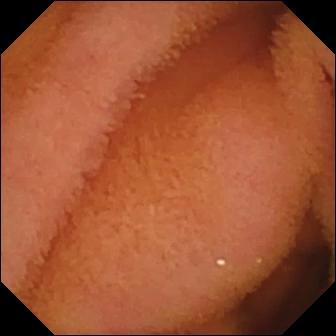Wireless capsule endoscopy — normal clean mucosa.